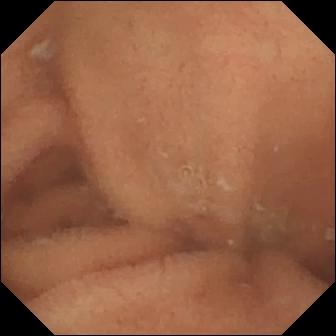modality: video capsule endoscopy
category: luminal finding
finding: normal clean mucosa